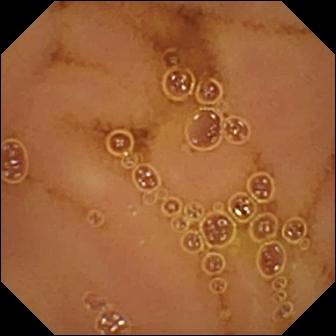Q: What does this capsule endoscopy view show?
A: Normal clean mucosa.